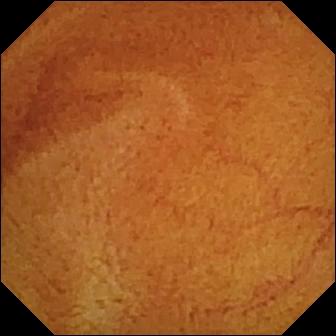Video capsule endoscopy — normal clean mucosa.